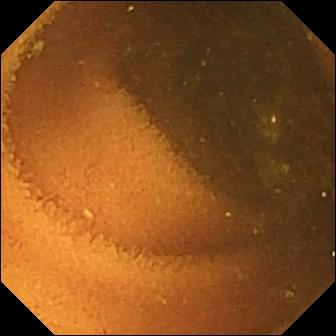Normal clean mucosa.